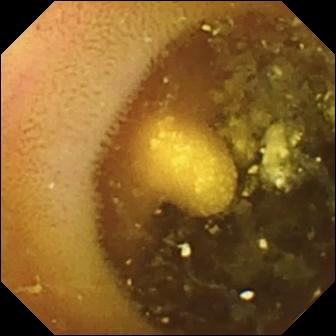Q: What does this VCE view show?
A: Lymphangiectasia.